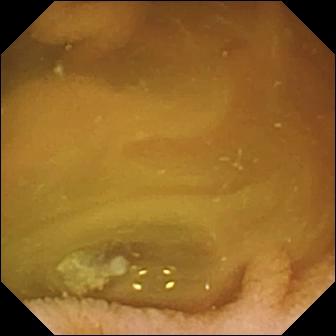{"modality": "capsule endoscopy", "category": "luminal finding", "finding": "normal clean mucosa"}